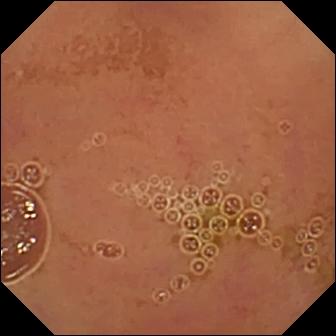Video capsule endoscopy — normal clean mucosa.